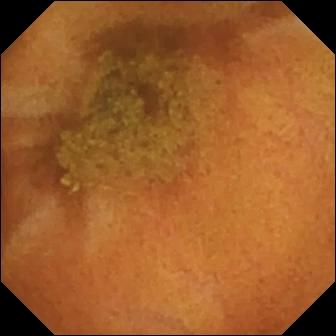modality: capsule endoscopy
observation: normal clean mucosa